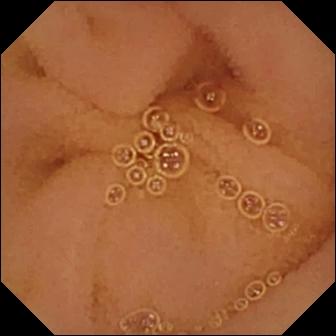{"modality": "WCE", "segment": "small intestine", "finding": "normal clean mucosa"}